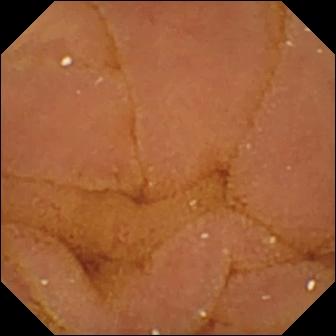modality: video capsule endoscopy | segment: small intestine | category: luminal finding | finding: normal clean mucosa